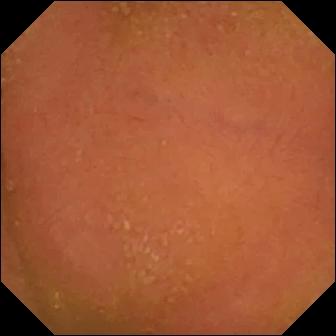VCE. Impression: normal clean mucosa.